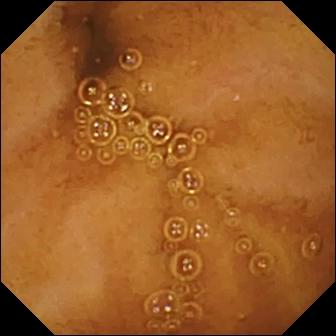Normal clean mucosa — VCE frame.